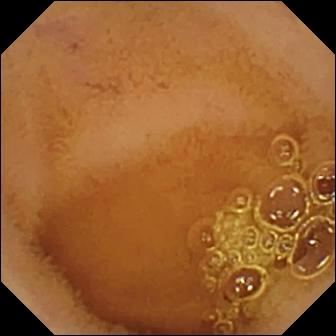WCE — normal clean mucosa.